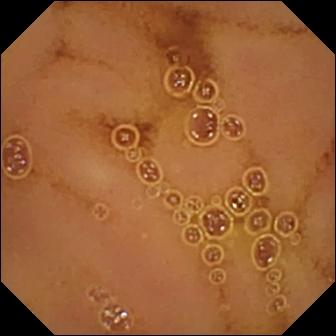{"modality": "VCE", "category": "luminal finding", "finding": "normal clean mucosa"}